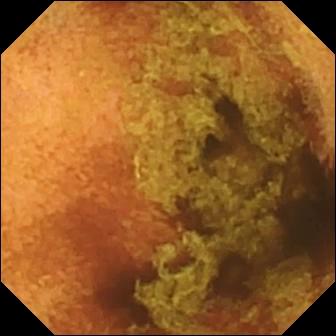modality: capsule endoscopy
segment: small bowel
observation: normal clean mucosa